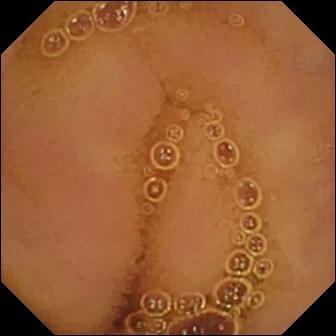VCE image of the small bowel showing normal clean mucosa.